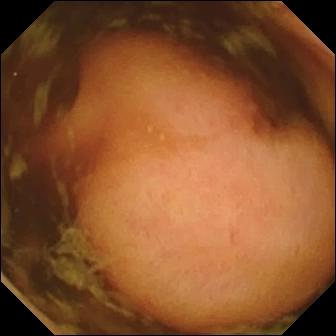Video capsule endoscopy snapshot showing polyp.